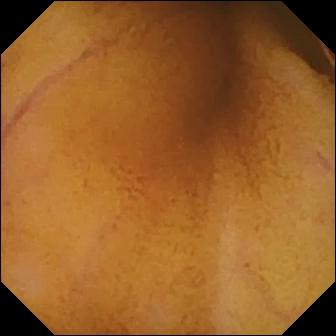WCE. Luminal finding. Observation: normal clean mucosa.